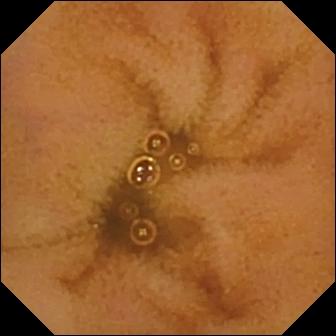- modality: capsule endoscopy
- category: luminal finding
- finding: normal clean mucosa